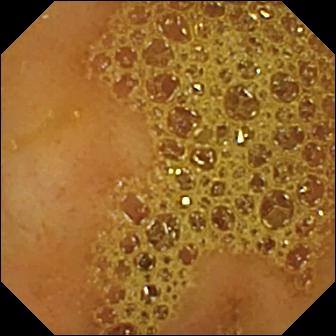Small-bowel capsule endoscopy — ileo-cecal valve region (the transition from the small bowel to the large bowel).